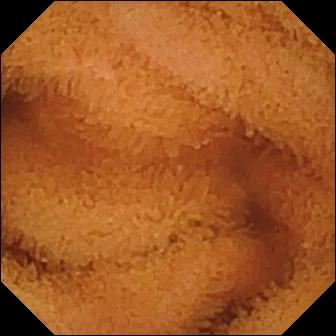{"modality": "WCE", "category": "luminal finding", "finding": "normal clean mucosa"}